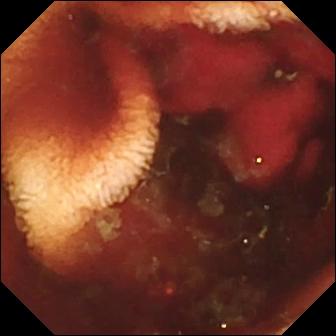Wireless capsule endoscopy — fresh blood in the lumen.